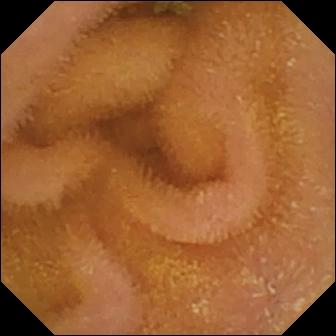Q: What does this WCE image of the small bowel show?
A: Normal clean mucosa.